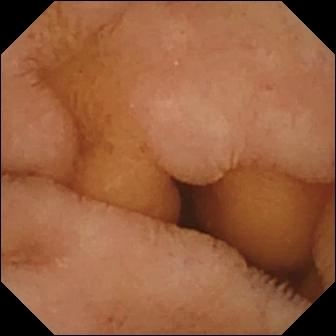{"modality": "VCE", "segment": "small intestine", "category": "luminal finding", "finding": "normal clean mucosa"}